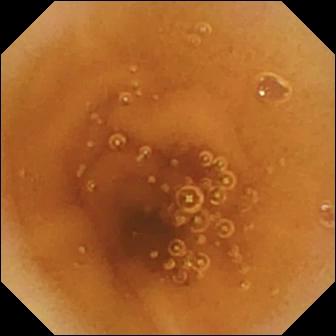Q: What does this small-bowel capsule endoscopy view of the small bowel show?
A: Normal clean mucosa.